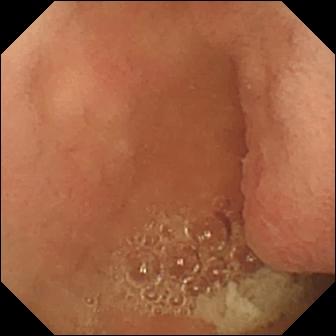WCE — pylorus region (where the capsule passes from the stomach into the small bowel).